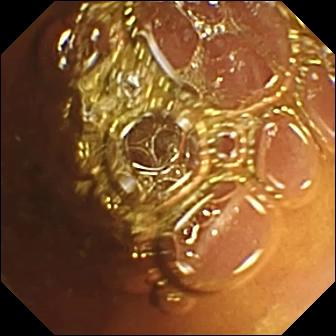Video capsule endoscopy view showing normal clean mucosa.